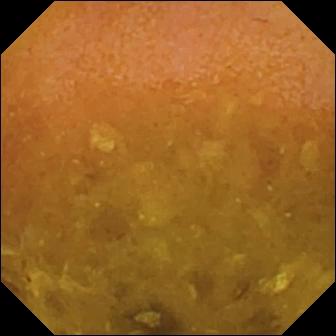Reduced mucosal view (content or bubbles obscuring the mucosa).